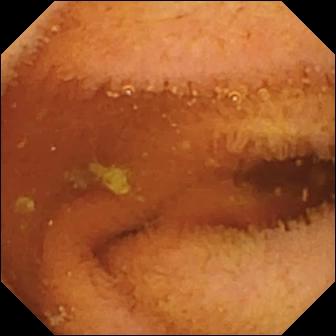Video capsule endoscopy. Label: normal clean mucosa.